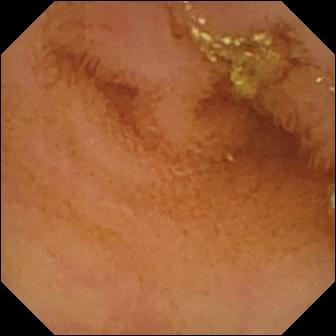VCE frame, small bowel
Finding: normal clean mucosa